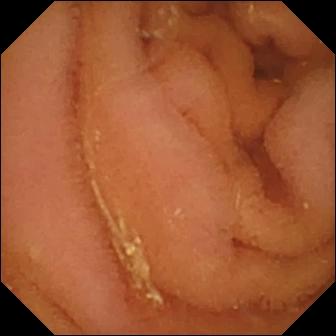{"modality": "wireless capsule endoscopy", "segment": "small intestine", "finding": "normal clean mucosa"}